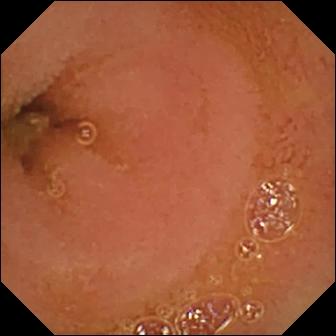Small-bowel capsule endoscopy frame showing normal clean mucosa.